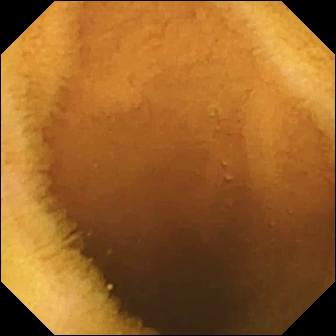Capsule endoscopy — normal clean mucosa.